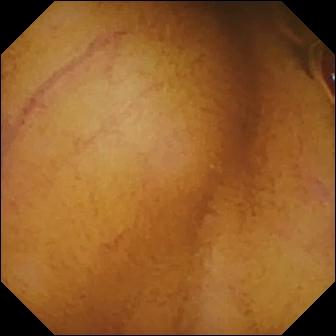Wireless capsule endoscopy image, small bowel
Observation: normal clean mucosa